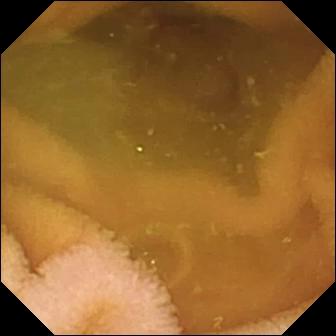VCE view of the small intestine showing normal clean mucosa.